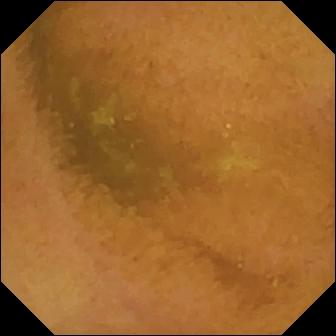- modality: WCE
- segment: small bowel
- impression: normal clean mucosa